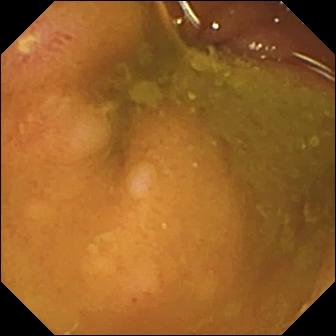{"modality": "capsule endoscopy", "finding": "ulcer"}